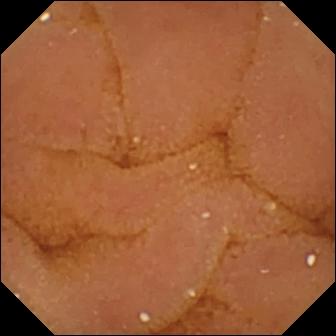PROCEDURE: Capsule endoscopy.
FINDINGS: Normal clean mucosa.